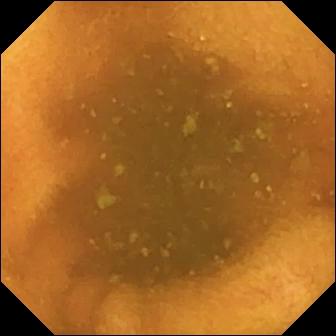Small-bowel capsule endoscopy — normal clean mucosa.